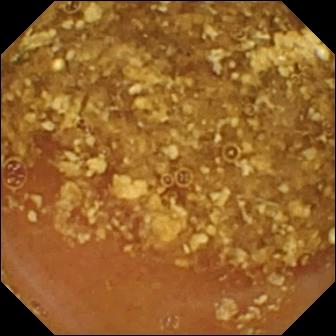{"modality": "video capsule endoscopy", "segment": "small intestine", "finding": "reduced mucosal view (content or bubbles obscuring the mucosa)"}